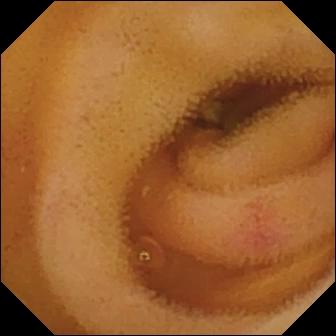This WCE still shows angiectasia.